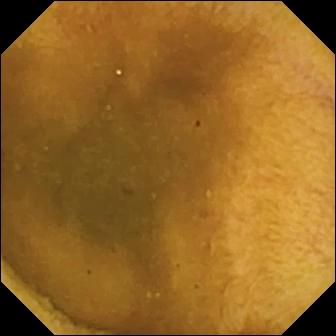Q: What does this small-bowel capsule endoscopy view of the small intestine show?
A: Normal clean mucosa.